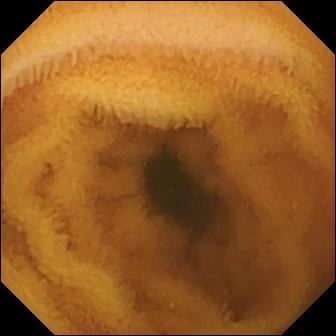Q: What does this wireless capsule endoscopy view show?
A: Normal clean mucosa.